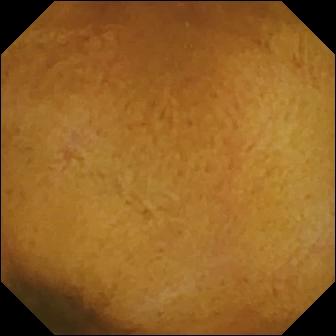This WCE image of the small bowel shows normal clean mucosa.